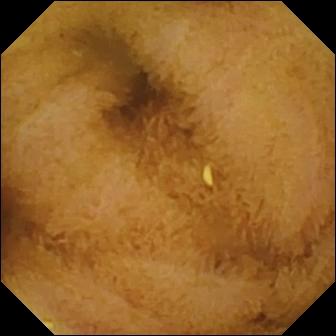Normal clean mucosa — video capsule endoscopy image.